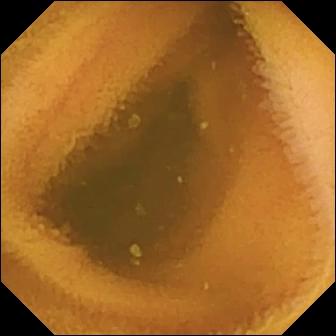Capsule endoscopy — normal clean mucosa.